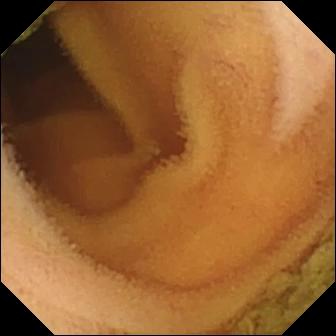Normal clean mucosa (336×336).